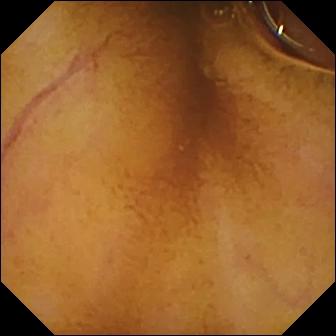Capsule endoscopy. Small bowel. Observation: normal clean mucosa.